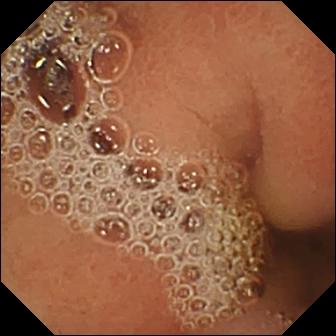Video capsule endoscopy. Label: normal clean mucosa.